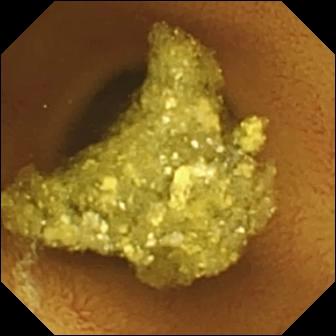This video capsule endoscopy image shows normal clean mucosa.